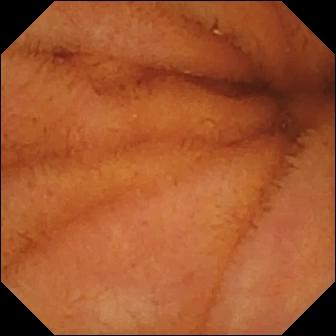Normal clean mucosa — VCE image of the small bowel.